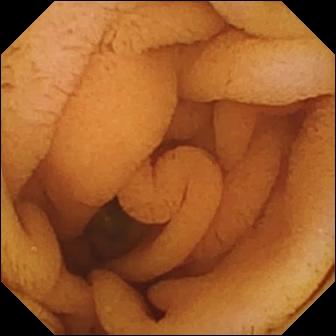PROCEDURE: VCE.
FINDINGS: Normal clean mucosa.